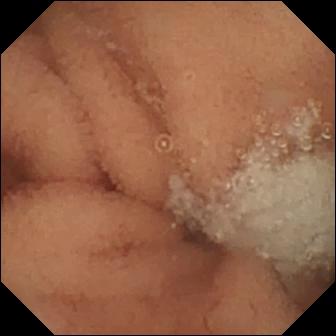modality: capsule endoscopy; category: luminal finding; label: normal clean mucosa